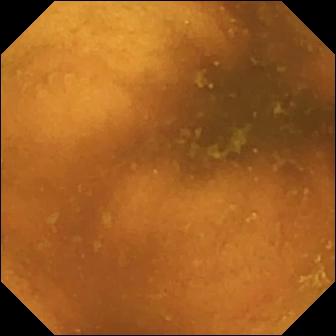Q: What does this WCE image show?
A: Normal clean mucosa.